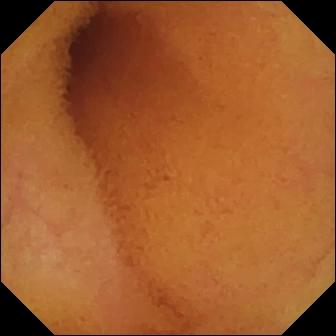modality: video capsule endoscopy
segment: small bowel
label: normal clean mucosa